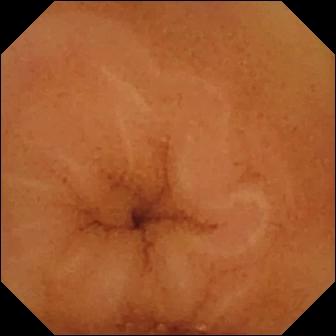Normal clean mucosa — video capsule endoscopy frame of the small intestine.